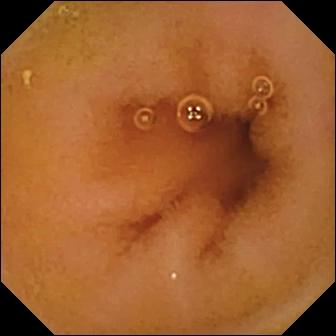WCE image (small bowel). Normal clean mucosa.